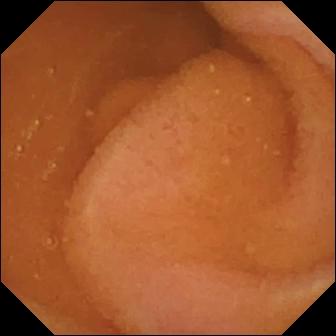{"modality": "video capsule endoscopy", "finding": "normal clean mucosa"}